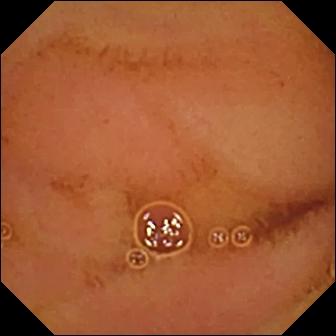WCE frame of the small bowel showing normal clean mucosa.